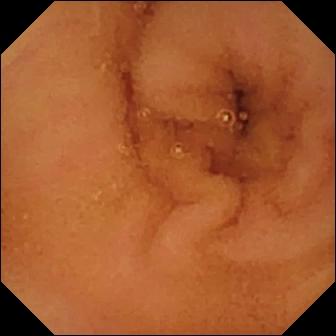PROCEDURE: Wireless capsule endoscopy.
SEGMENT: Small bowel.
FINDINGS: Normal clean mucosa.